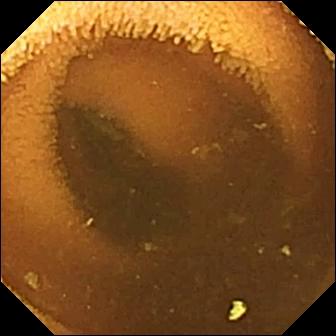modality: video capsule endoscopy; label: normal clean mucosa